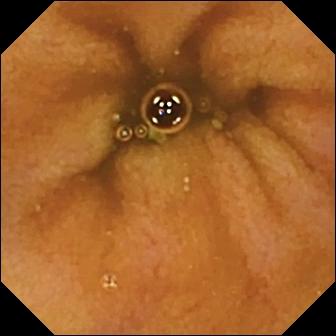Video capsule endoscopy. Small intestine. Finding: normal clean mucosa.